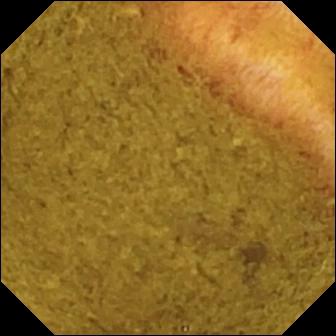PROCEDURE: VCE.
LOCATION: Ileo-cecal valve region (the transition from the small bowel to the large bowel).